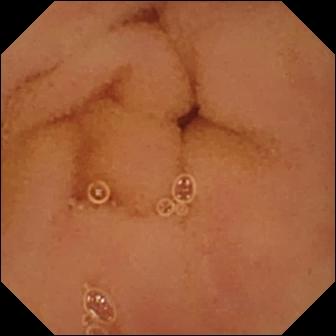VCE — normal clean mucosa.